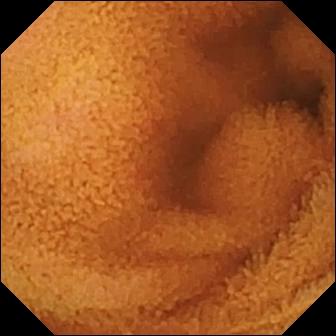{"modality": "small-bowel capsule endoscopy", "segment": "small bowel", "finding": "normal clean mucosa"}